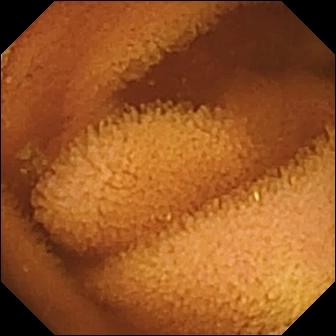Normal clean mucosa.